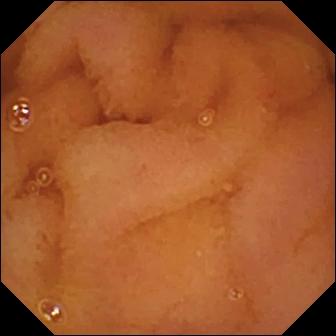Capsule endoscopy snapshot showing normal clean mucosa.